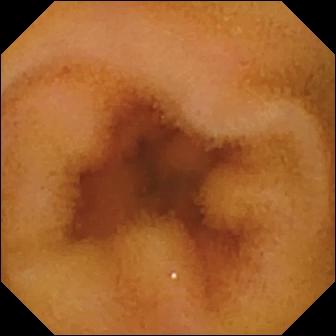Normal clean mucosa — wireless capsule endoscopy view of the small bowel.